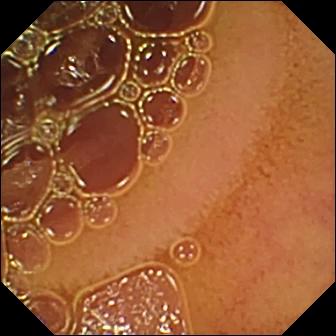Normal clean mucosa.